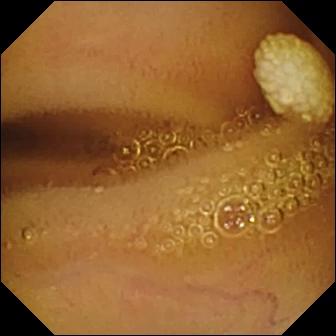Q: What does this wireless capsule endoscopy view show?
A: Lymphangiectasia.